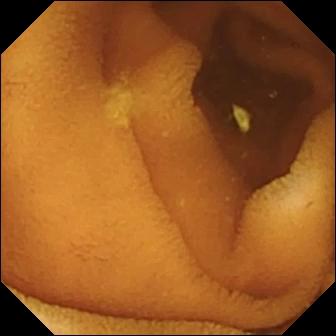PROCEDURE: WCE.
SEGMENT: Small bowel.
FINDINGS: Normal clean mucosa.